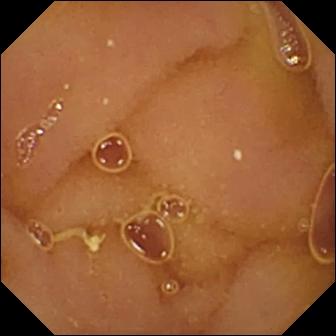- modality: VCE
- segment: small bowel
- label: normal clean mucosa